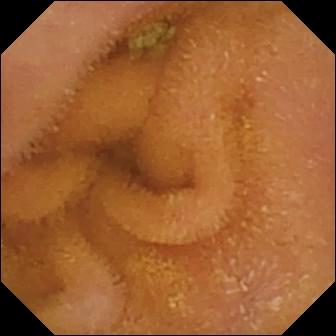Normal clean mucosa.